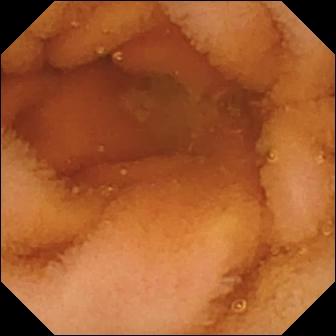WCE frame, small intestine
Impression: normal clean mucosa